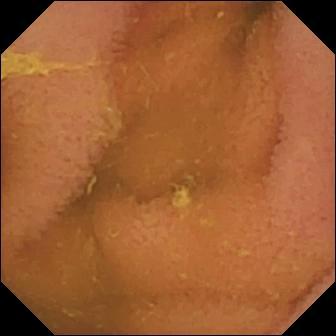Q: What does this capsule endoscopy image show?
A: Normal clean mucosa.